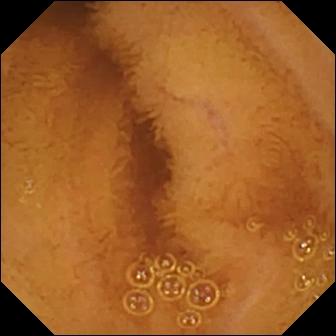{"modality": "video capsule endoscopy", "finding": "normal clean mucosa"}